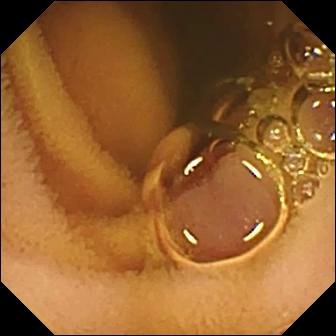PROCEDURE: Small-bowel capsule endoscopy.
SEGMENT: Small intestine.
FINDINGS: Normal clean mucosa.